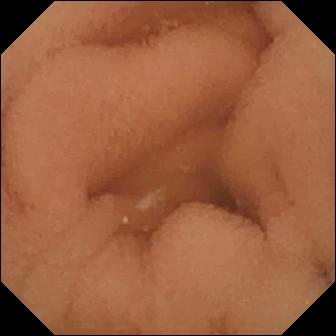PROCEDURE: Small-bowel capsule endoscopy.
FINDINGS: Normal clean mucosa.